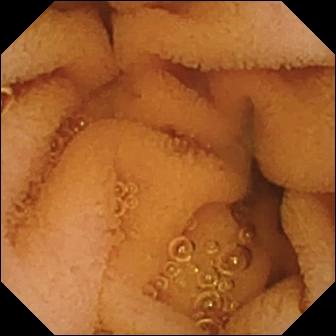Normal clean mucosa.